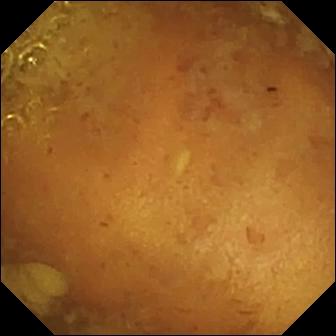Capsule endoscopy. Luminal finding. Observation: reduced mucosal view (content or bubbles obscuring the mucosa).